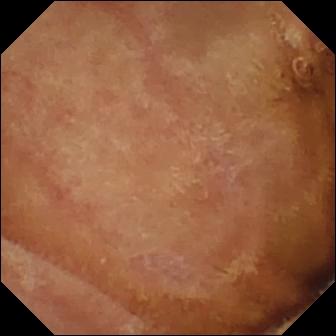modality: capsule endoscopy; category: luminal finding; finding: normal clean mucosa